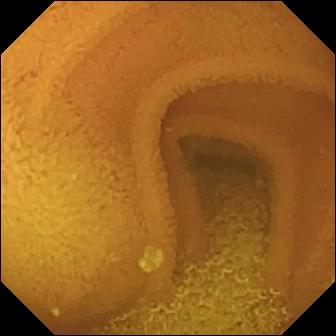Normal clean mucosa — video capsule endoscopy snapshot.